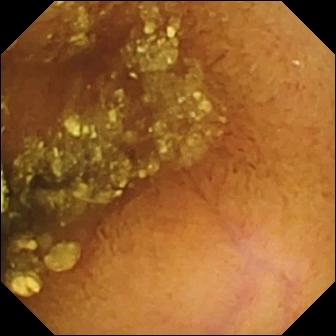Small-bowel capsule endoscopy image (small intestine). Normal clean mucosa.